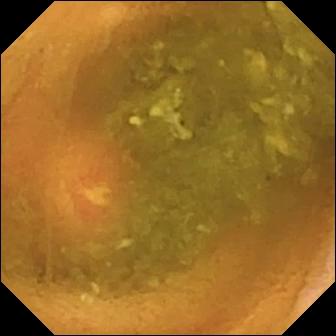This video capsule endoscopy image shows ulcer.